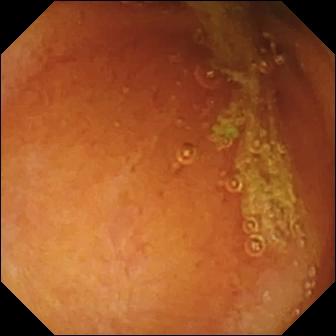- modality: wireless capsule endoscopy
- segment: small intestine
- category: luminal finding
- impression: normal clean mucosa